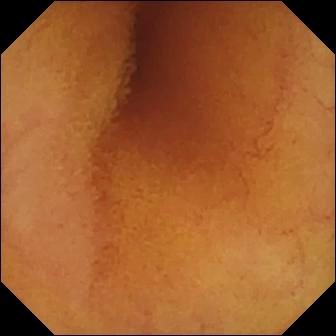WCE — normal clean mucosa.